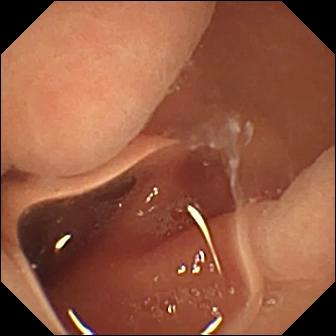Capsule endoscopy still
Impression: normal clean mucosa